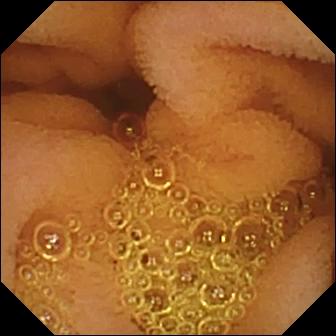VCE — normal clean mucosa.